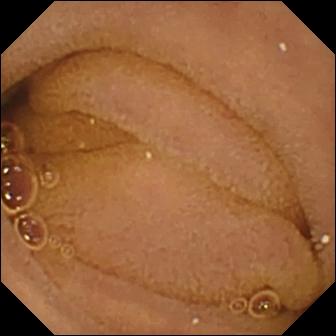Small-bowel capsule endoscopy still (small intestine), 336×336. Normal clean mucosa.